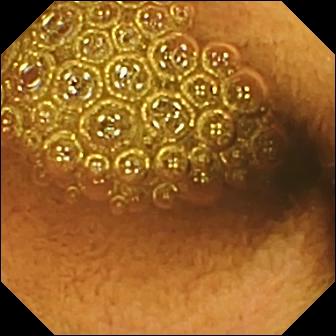- modality: WCE
- observation: reduced mucosal view (content or bubbles obscuring the mucosa)